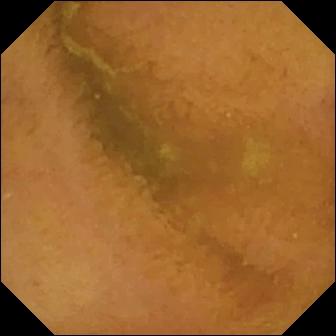Small-bowel capsule endoscopy — normal clean mucosa.